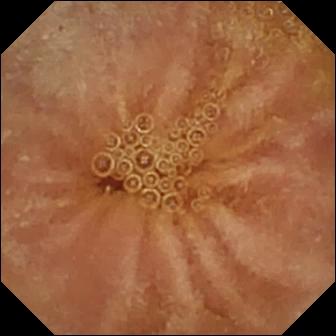Normal clean mucosa — video capsule endoscopy image of the small bowel.